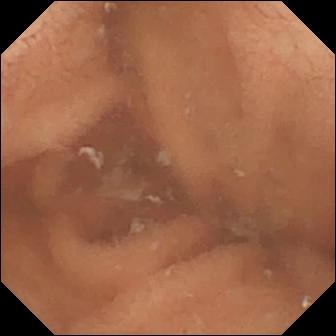Small-bowel capsule endoscopy still, small bowel
Finding: normal clean mucosa